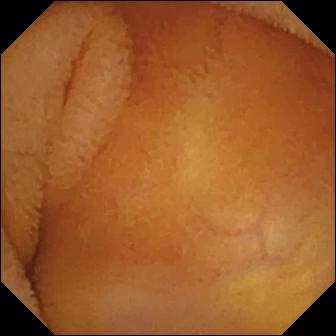Wireless capsule endoscopy. Luminal finding. Impression: normal clean mucosa.